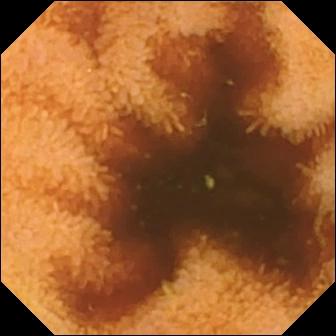Normal clean mucosa.